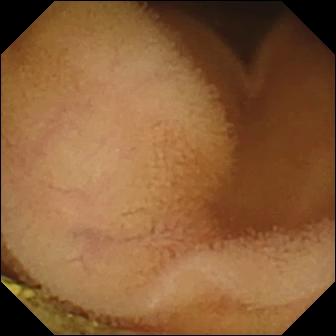VCE still, 336×336. Normal clean mucosa.